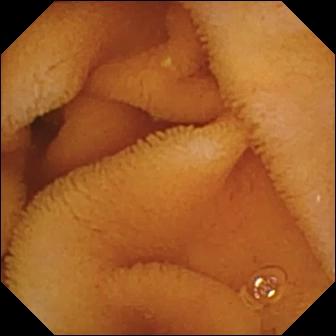Q: What does this video capsule endoscopy view of the small intestine show?
A: Normal clean mucosa.